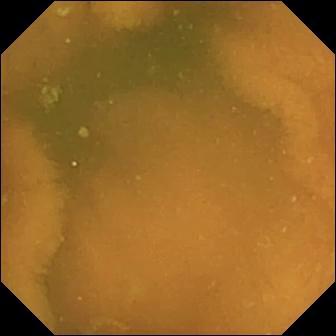Normal clean mucosa — small-bowel capsule endoscopy image of the small bowel.